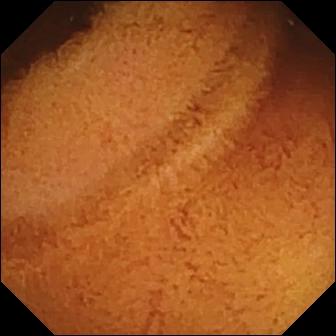Normal clean mucosa.